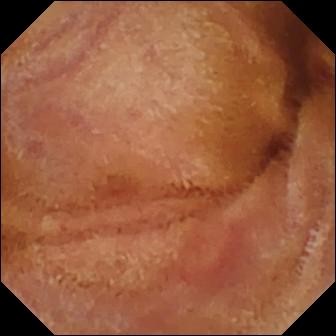Q: What does this small-bowel capsule endoscopy image show?
A: Normal clean mucosa.